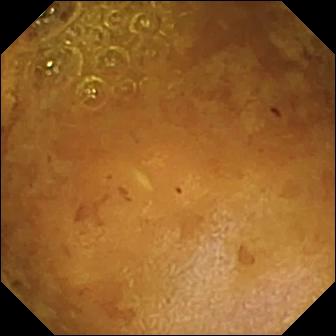Q: What does this WCE still show?
A: Reduced mucosal view (content or bubbles obscuring the mucosa).